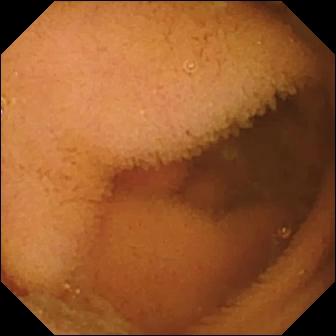- modality: VCE
- label: normal clean mucosa